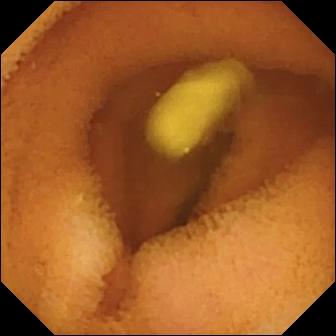- modality: video capsule endoscopy
- impression: normal clean mucosa